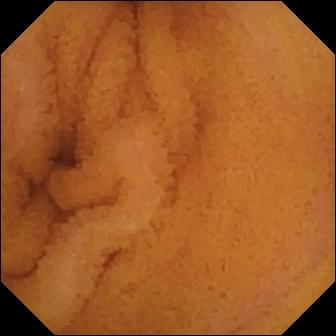WCE still (small intestine). Normal clean mucosa.